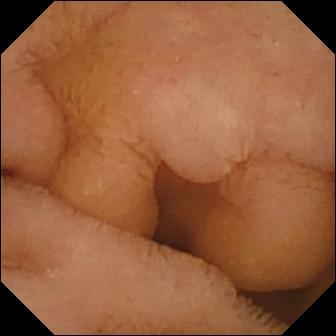modality: video capsule endoscopy | segment: small intestine | observation: normal clean mucosa